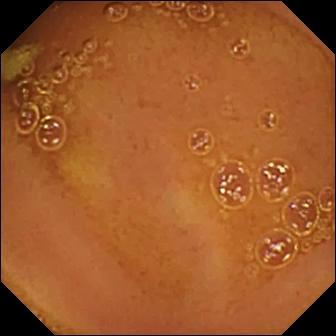{"modality": "wireless capsule endoscopy", "segment": "small bowel", "category": "luminal finding", "finding": "normal clean mucosa"}